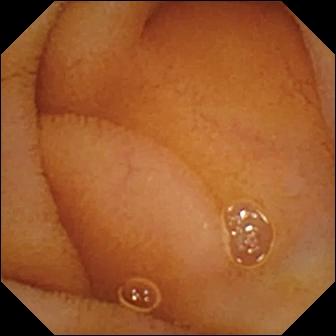Video capsule endoscopy — normal clean mucosa.